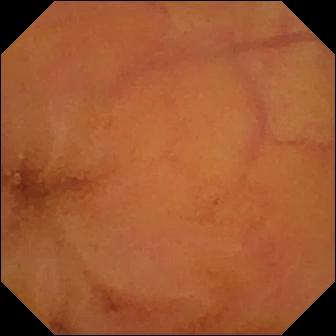Normal clean mucosa — VCE image.